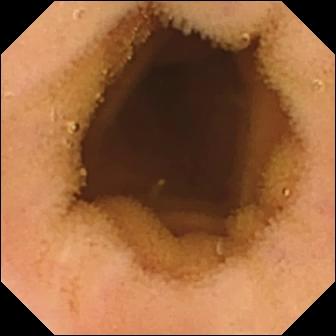Wireless capsule endoscopy image, small bowel
Label: normal clean mucosa